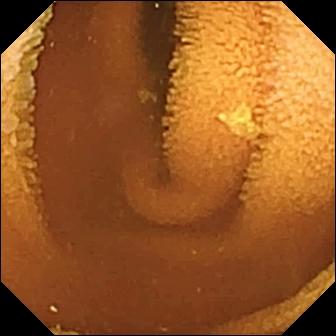Video capsule endoscopy — normal clean mucosa.